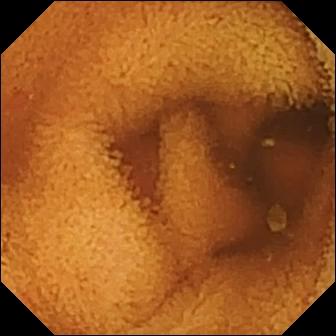modality: wireless capsule endoscopy | segment: small bowel | observation: normal clean mucosa